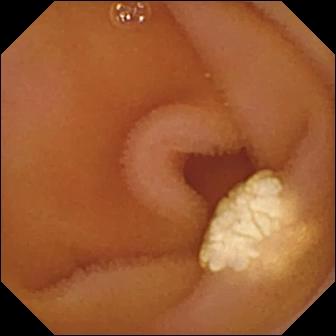VCE — lymphangiectasia.